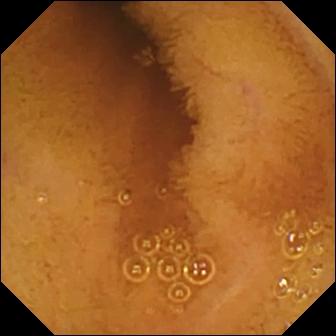Normal clean mucosa.